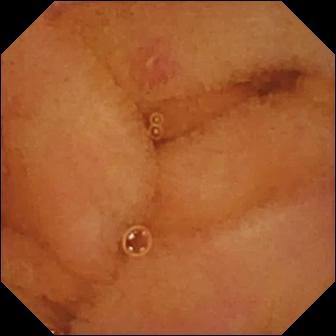modality: WCE; impression: erosion